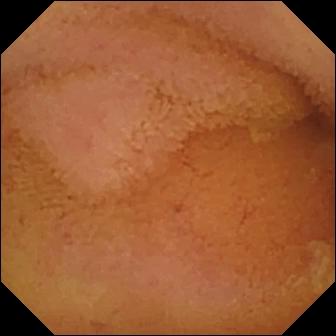Normal clean mucosa (336×336).